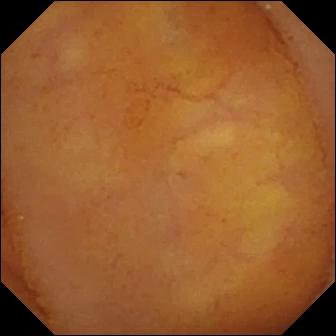Wireless capsule endoscopy. Observation: normal clean mucosa.